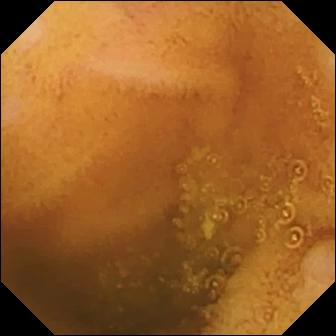modality: wireless capsule endoscopy; segment: small intestine; category: luminal finding; label: normal clean mucosa